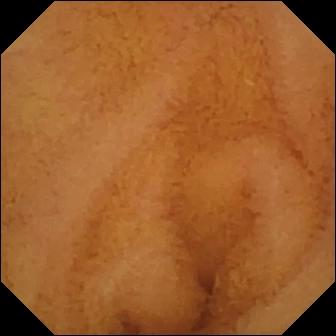Small-bowel capsule endoscopy. Small intestine. Luminal finding. Impression: normal clean mucosa.